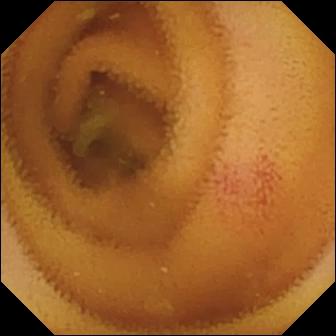Video capsule endoscopy frame. Angiectasia.